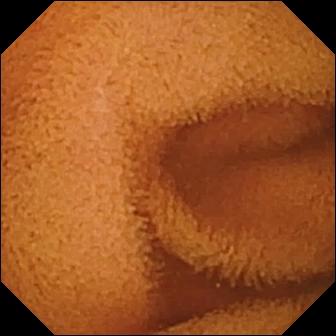Capsule endoscopy still of the small intestine showing normal clean mucosa.